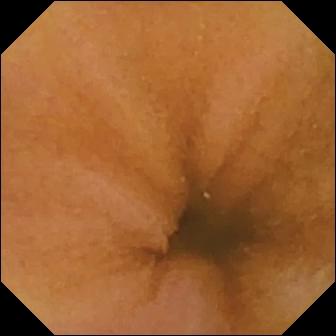Small-bowel capsule endoscopy image, small intestine
Finding: normal clean mucosa